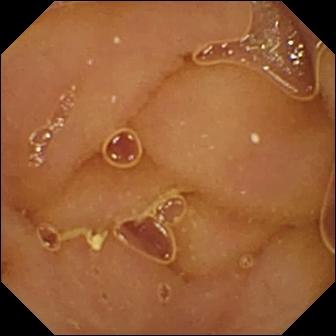{"modality": "wireless capsule endoscopy", "segment": "small intestine", "finding": "normal clean mucosa"}